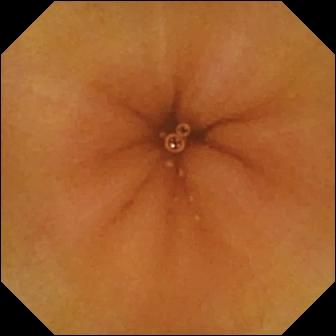- modality: small-bowel capsule endoscopy
- segment: small intestine
- observation: normal clean mucosa